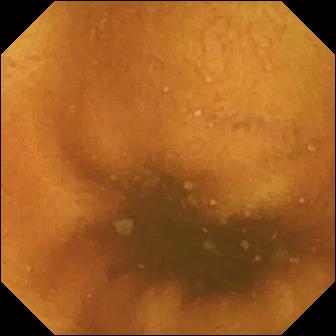Capsule endoscopy frame
Finding: normal clean mucosa